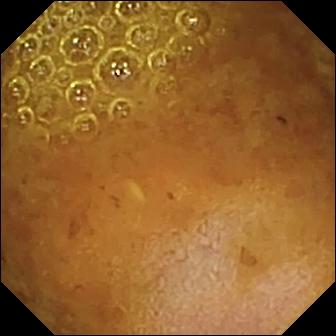Reduced mucosal view (content or bubbles obscuring the mucosa).